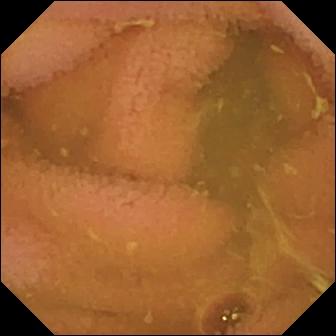Capsule endoscopy still showing normal clean mucosa.